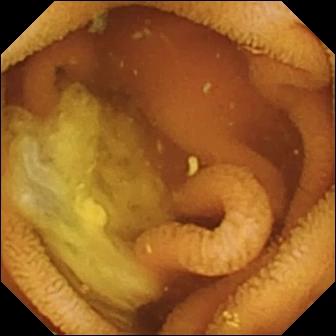This wireless capsule endoscopy view of the small bowel shows normal clean mucosa.